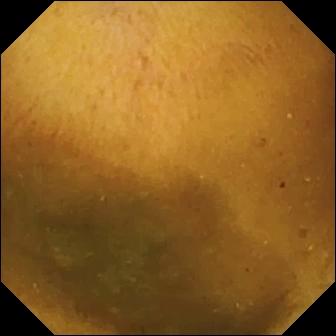Small-bowel capsule endoscopy — normal clean mucosa.